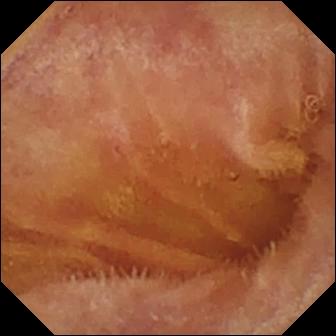Video capsule endoscopy still (small bowel). Normal clean mucosa.